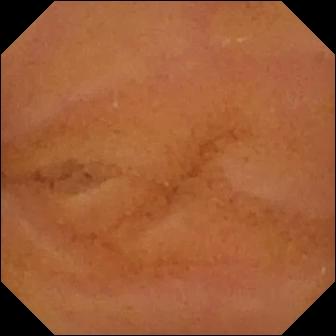{"modality": "capsule endoscopy", "finding": "normal clean mucosa"}